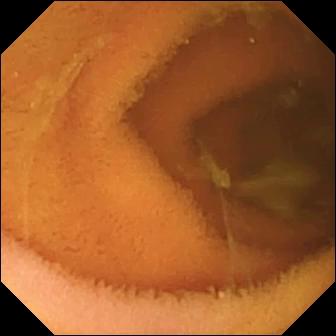Normal clean mucosa — small-bowel capsule endoscopy still.